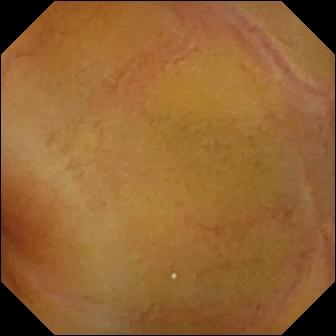Normal clean mucosa.